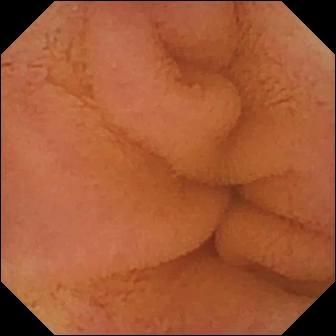Normal clean mucosa — VCE view.